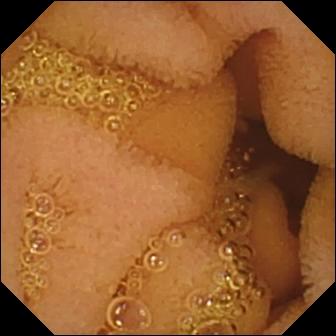modality: VCE; label: normal clean mucosa